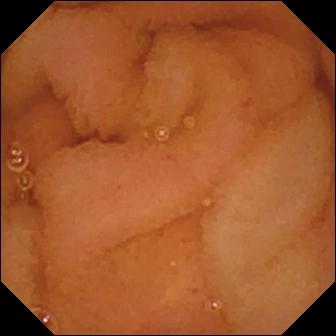Capsule endoscopy snapshot (small bowel), 336×336. Normal clean mucosa.